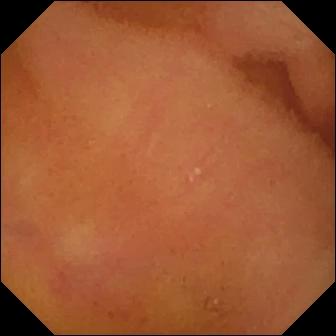Video capsule endoscopy. Observation: normal clean mucosa.